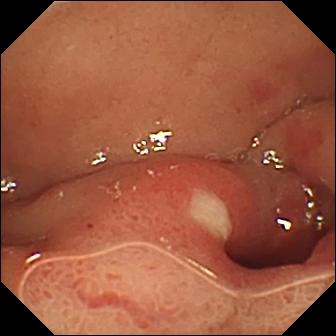{"modality": "WCE", "finding": "ulcer"}